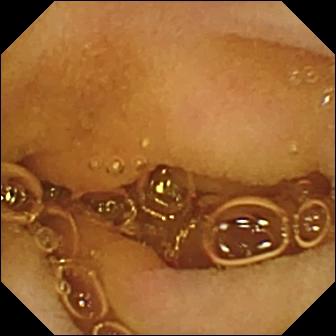Video capsule endoscopy image (small bowel). Normal clean mucosa.